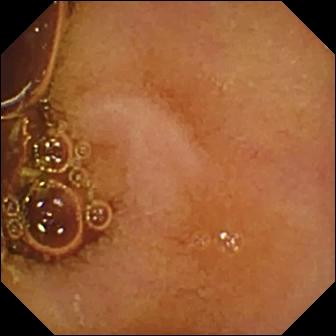Small-bowel capsule endoscopy still
Impression: normal clean mucosa